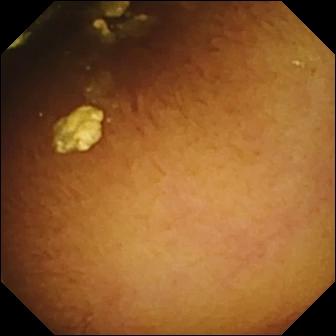Q: What does this WCE view show?
A: Normal clean mucosa.